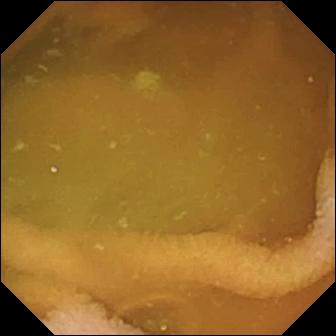This video capsule endoscopy frame shows normal clean mucosa.